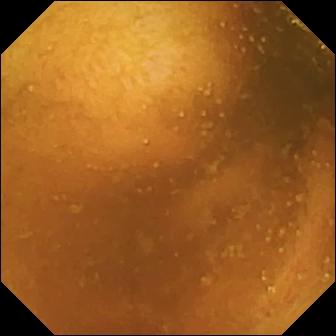Normal clean mucosa — wireless capsule endoscopy still.